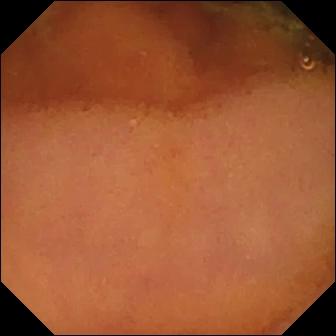Small-bowel capsule endoscopy snapshot. Normal clean mucosa.